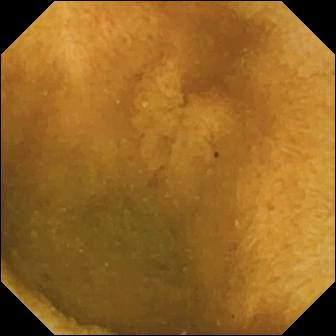Normal clean mucosa.